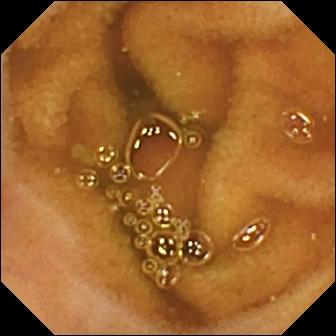Wireless capsule endoscopy. Observation: normal clean mucosa.